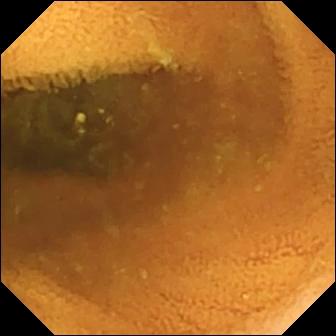Q: What does this capsule endoscopy frame of the small bowel show?
A: Normal clean mucosa.